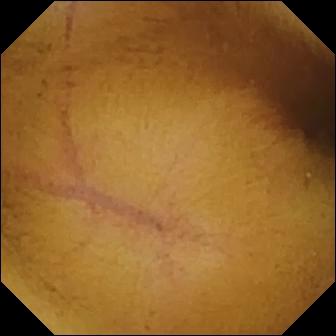VCE — normal clean mucosa.